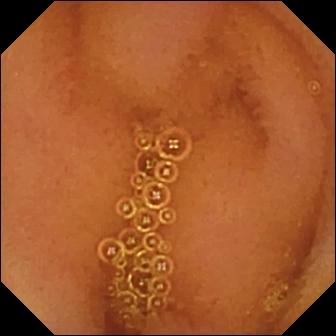Capsule endoscopy — normal clean mucosa.